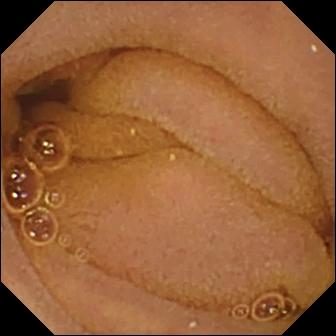Small-bowel capsule endoscopy frame, small intestine
Impression: normal clean mucosa